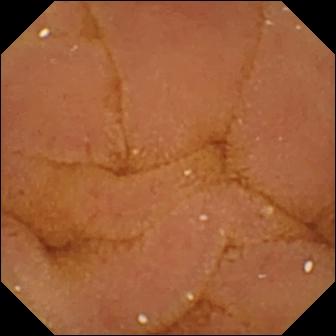Video capsule endoscopy image (small bowel). Normal clean mucosa.